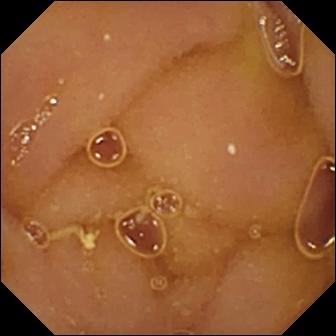Q: What does this WCE view of the small bowel show?
A: Normal clean mucosa.